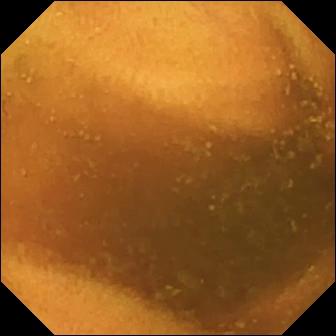PROCEDURE: Video capsule endoscopy.
SEGMENT: Small intestine.
FINDINGS: Normal clean mucosa.